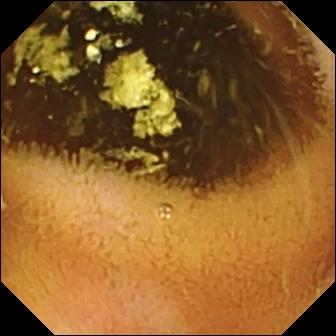Capsule endoscopy image. Normal clean mucosa.